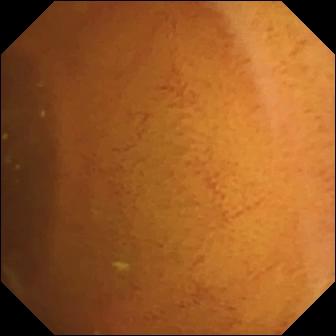- modality: wireless capsule endoscopy
- impression: normal clean mucosa